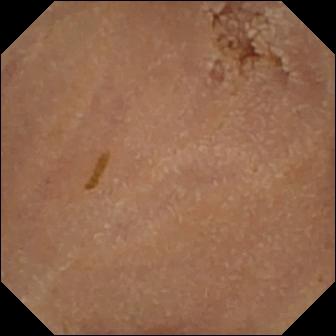WCE image. Normal clean mucosa.